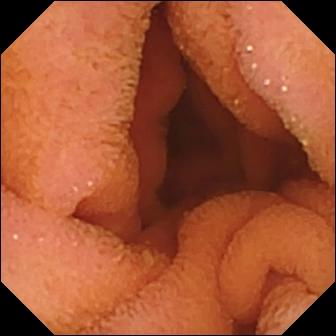WCE view showing normal clean mucosa.